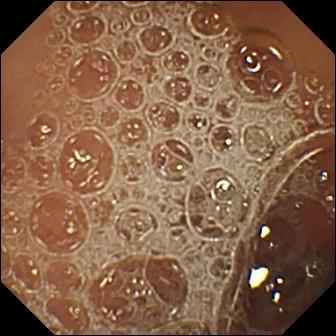Normal clean mucosa — small-bowel capsule endoscopy image.